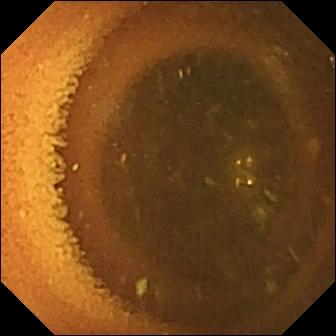Wireless capsule endoscopy image of the small bowel showing normal clean mucosa.